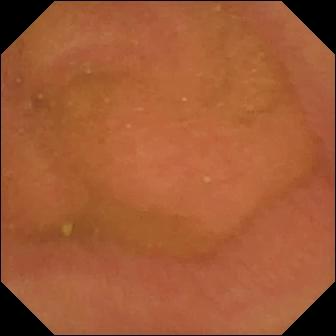Normal clean mucosa — capsule endoscopy still.